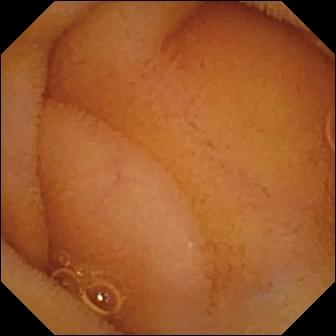Wireless capsule endoscopy snapshot, small intestine
Observation: normal clean mucosa